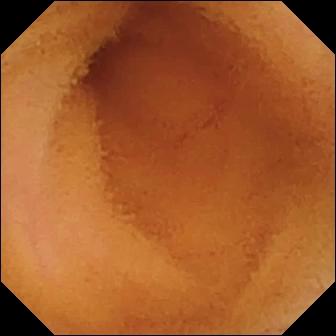- modality: capsule endoscopy
- segment: small bowel
- impression: normal clean mucosa